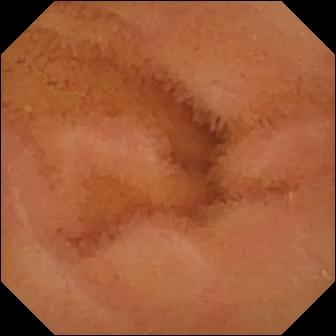Capsule endoscopy view, small bowel
Observation: normal clean mucosa